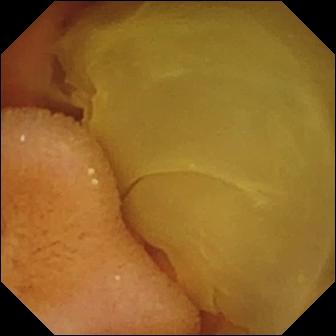WCE image, small bowel
Observation: normal clean mucosa